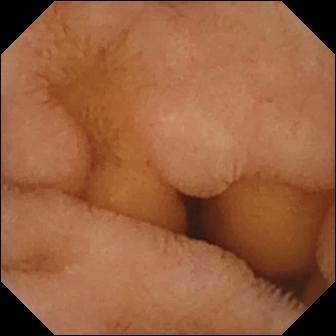Wireless capsule endoscopy — normal clean mucosa.